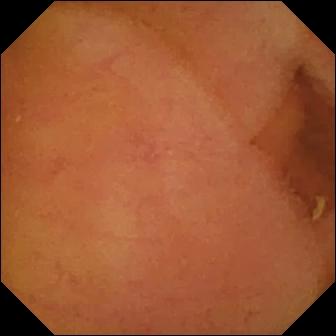VCE image showing normal clean mucosa.